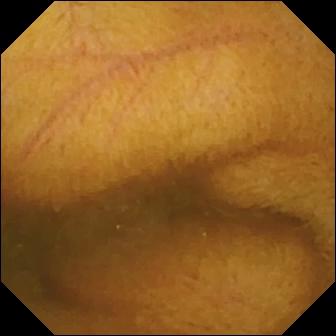Wireless capsule endoscopy frame. Normal clean mucosa.